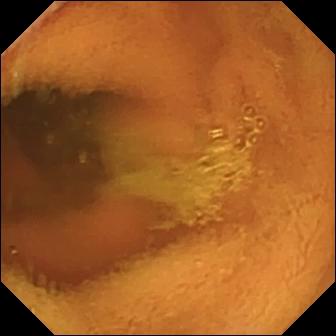Small-bowel capsule endoscopy frame
Finding: normal clean mucosa